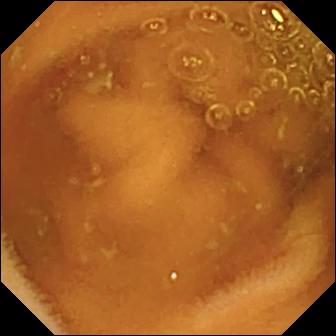Normal clean mucosa.